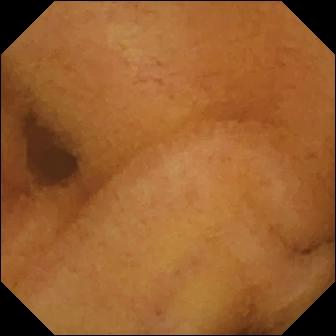PROCEDURE: Small-bowel capsule endoscopy.
FINDINGS: Normal clean mucosa.